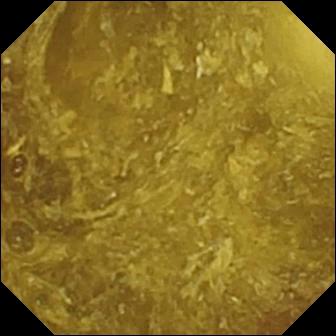Reduced mucosal view (content or bubbles obscuring the mucosa) — wireless capsule endoscopy frame of the small intestine.